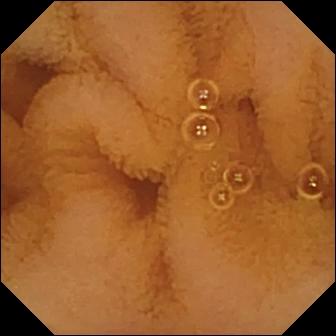This VCE frame shows normal clean mucosa.